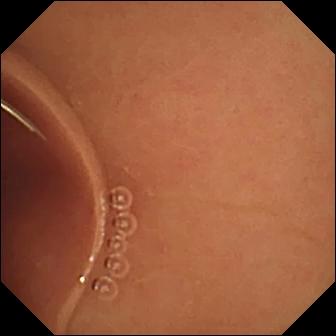Q: What does this VCE view show?
A: Normal clean mucosa.